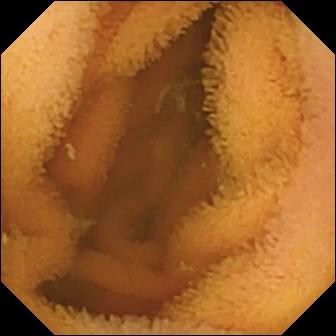Q: What does this WCE image of the small bowel show?
A: Normal clean mucosa.